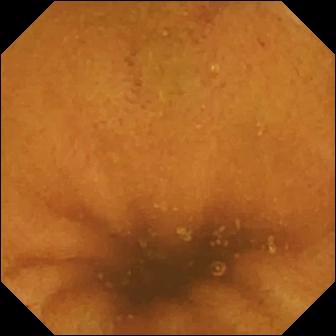WCE still. Normal clean mucosa.